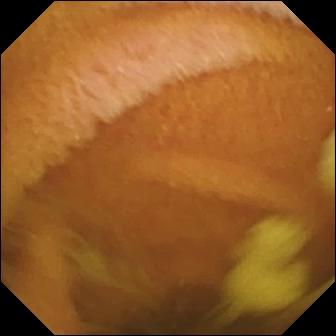- modality: capsule endoscopy
- impression: normal clean mucosa